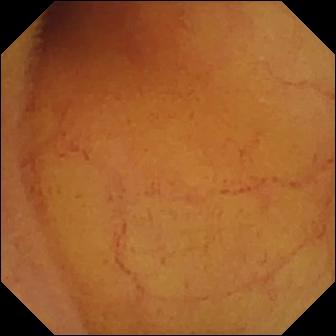VCE frame
Label: normal clean mucosa